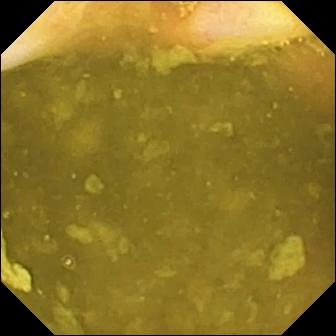modality: wireless capsule endoscopy; position: ileo-cecal valve region (where the capsule passes from the small bowel into the large bowel)